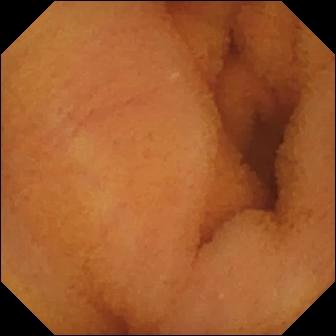modality: video capsule endoscopy
segment: small intestine
label: normal clean mucosa